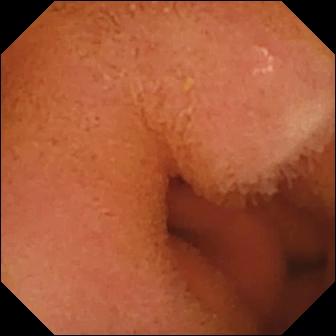Small-bowel capsule endoscopy image (small bowel). Normal clean mucosa.